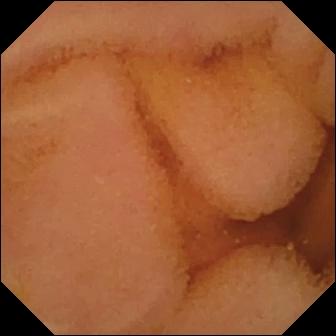modality: VCE
segment: small intestine
category: luminal finding
label: normal clean mucosa